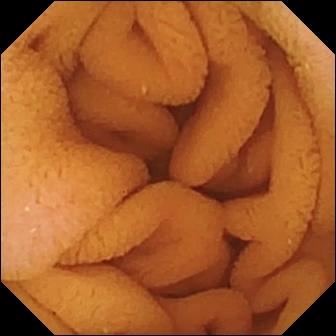modality: WCE | segment: small intestine | impression: normal clean mucosa